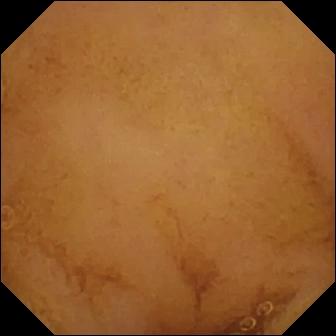Q: What does this small-bowel capsule endoscopy view of the small bowel show?
A: Normal clean mucosa.